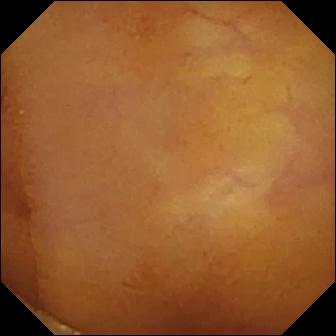VCE — normal clean mucosa.